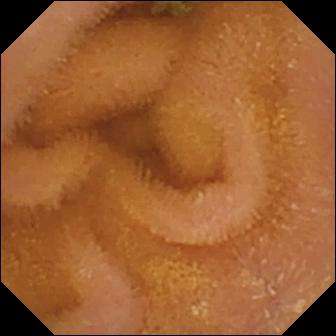PROCEDURE: Small-bowel capsule endoscopy.
SEGMENT: Small bowel.
FINDINGS: Normal clean mucosa.